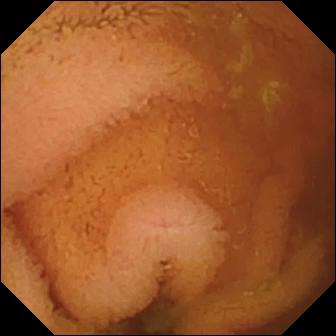Capsule endoscopy — normal clean mucosa.